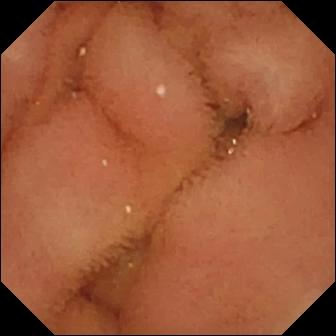WCE — normal clean mucosa.